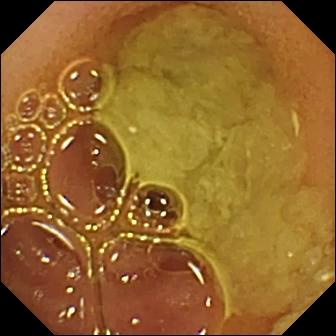WCE. Luminal finding. Label: normal clean mucosa.